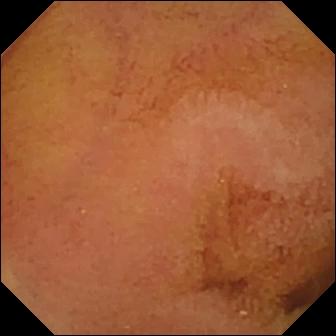modality: video capsule endoscopy
segment: small intestine
finding: normal clean mucosa